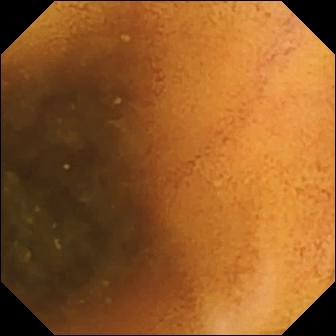Video capsule endoscopy snapshot of the small bowel showing normal clean mucosa.